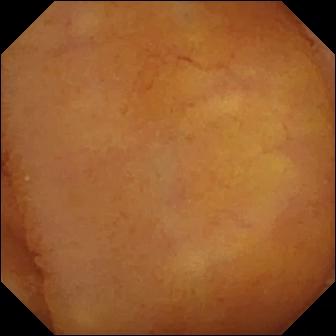Capsule endoscopy image of the small bowel showing normal clean mucosa.